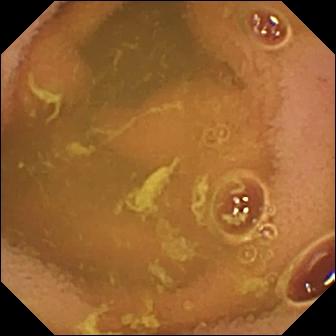Q: What does this VCE snapshot of the small intestine show?
A: Normal clean mucosa.